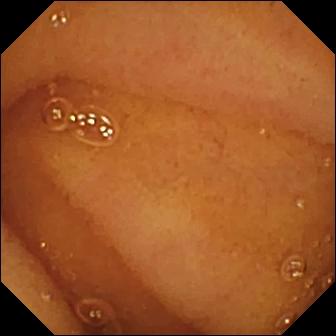Q: What does this WCE snapshot of the small intestine show?
A: Normal clean mucosa.